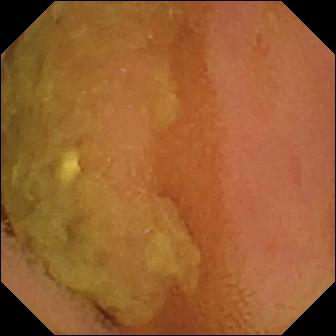VCE still (small intestine). Normal clean mucosa.